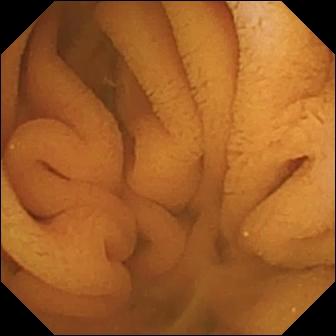modality: VCE; finding: normal clean mucosa